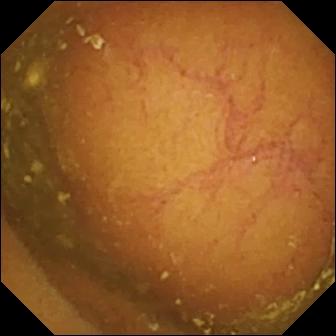- modality: wireless capsule endoscopy
- video segment: ileo-cecal valve region (the transition from the small bowel to the large bowel)